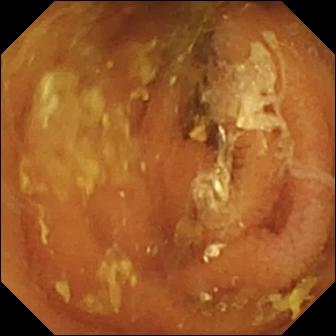PROCEDURE: Small-bowel capsule endoscopy.
FINDINGS: Normal clean mucosa.